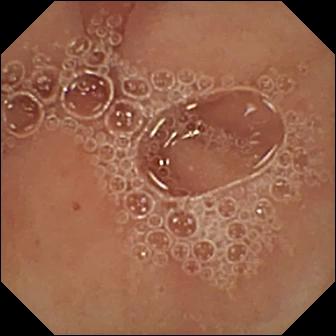PROCEDURE: Capsule endoscopy.
LOCATION: Pylorus region (where the capsule passes from the stomach into the small bowel).